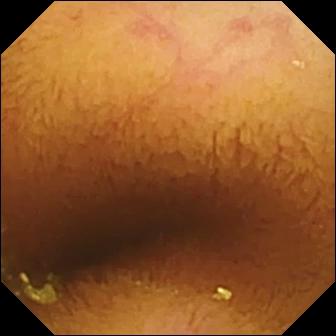VCE still (small intestine). Normal clean mucosa.